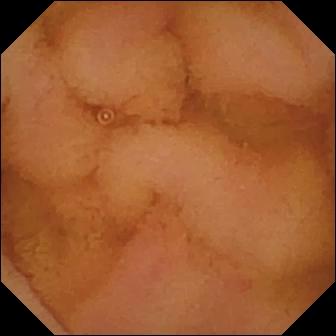Small-bowel capsule endoscopy. Observation: normal clean mucosa.